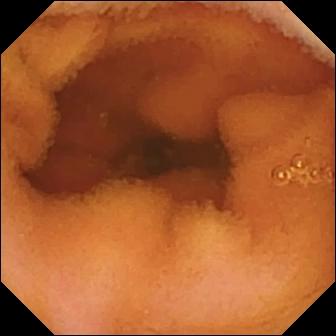WCE. Impression: normal clean mucosa.